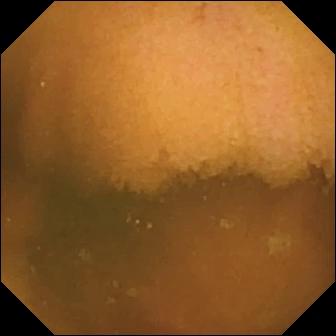This wireless capsule endoscopy snapshot of the small bowel shows normal clean mucosa.